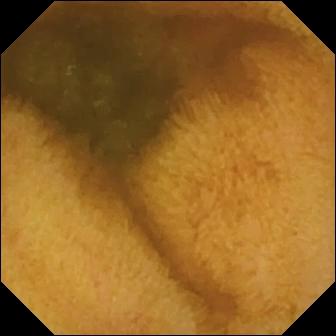PROCEDURE: WCE.
FINDINGS: Normal clean mucosa.